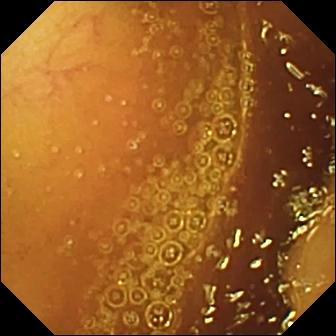Small-bowel capsule endoscopy snapshot (small intestine). Normal clean mucosa.